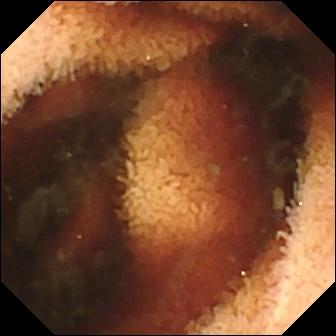WCE — fresh blood in the lumen.